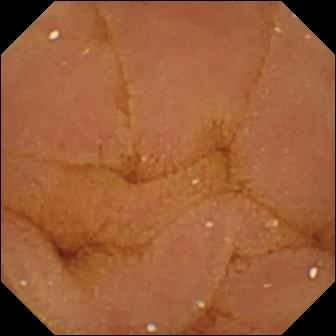Normal clean mucosa — video capsule endoscopy image of the small bowel.